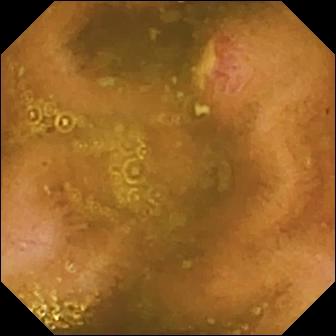Ulcer.